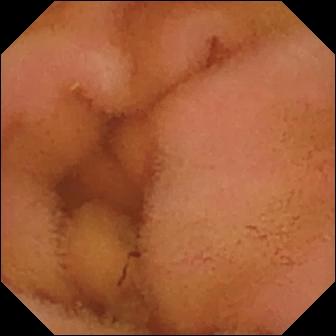Normal clean mucosa.